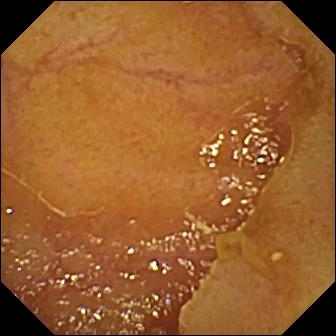Ileo-cecal valve region — capsule endoscopy image.